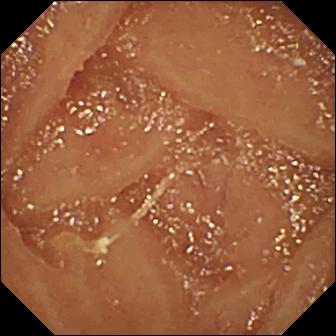Small-bowel capsule endoscopy image, small bowel
Finding: normal clean mucosa